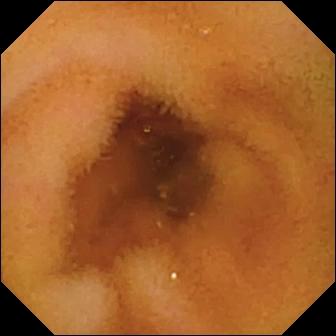WCE — normal clean mucosa.